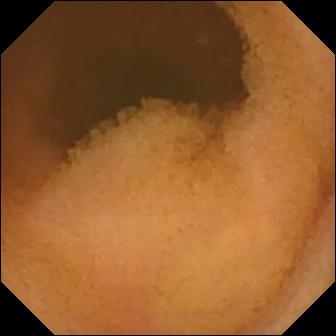- modality: capsule endoscopy
- label: normal clean mucosa